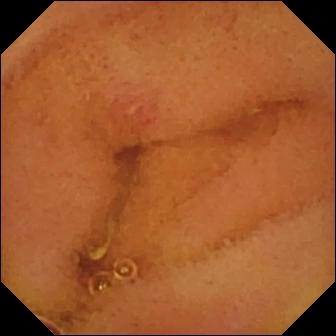Q: What does this small-bowel capsule endoscopy frame show?
A: Erosion.